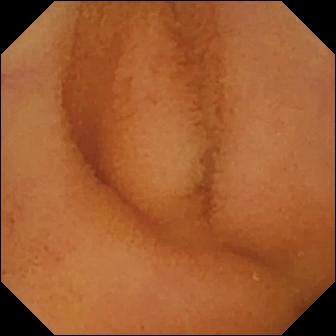modality: small-bowel capsule endoscopy; segment: small bowel; category: luminal finding; impression: normal clean mucosa